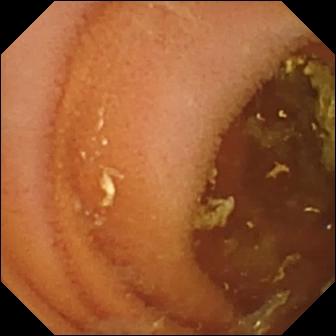{"modality": "capsule endoscopy", "category": "luminal finding", "finding": "normal clean mucosa"}